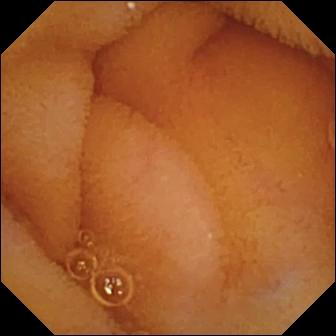Normal clean mucosa — capsule endoscopy view.